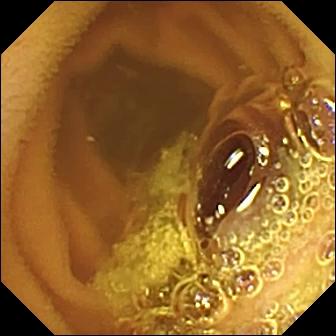Video capsule endoscopy snapshot. Normal clean mucosa.